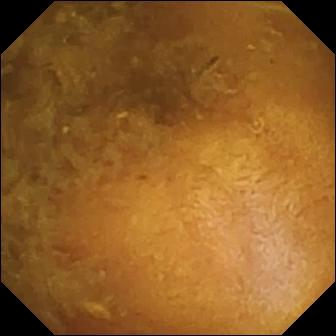Wireless capsule endoscopy — reduced mucosal view (content or bubbles obscuring the mucosa).